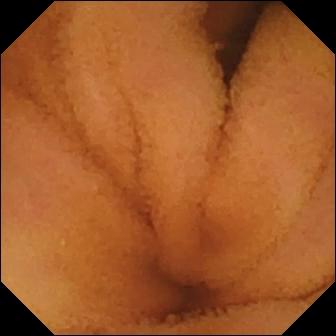PROCEDURE: Small-bowel capsule endoscopy.
FINDINGS: Normal clean mucosa.